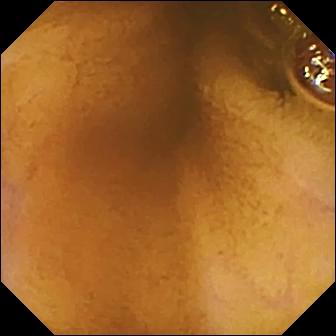Video capsule endoscopy image. Normal clean mucosa.